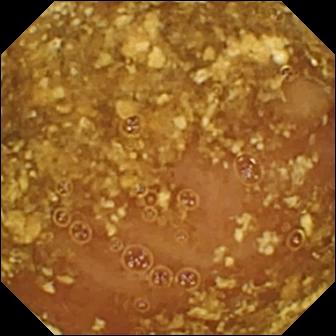Reduced mucosal view (content or bubbles obscuring the mucosa) (336×336).